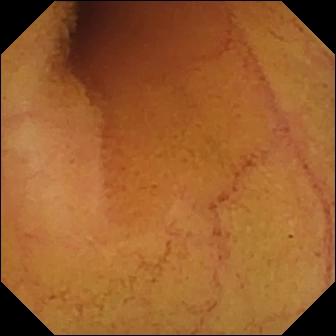Video capsule endoscopy frame
Impression: normal clean mucosa